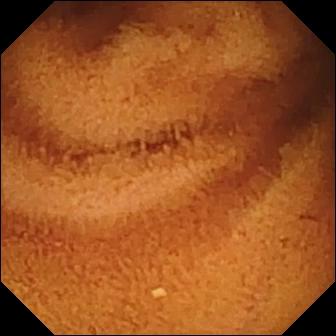Q: What does this wireless capsule endoscopy frame show?
A: Normal clean mucosa.